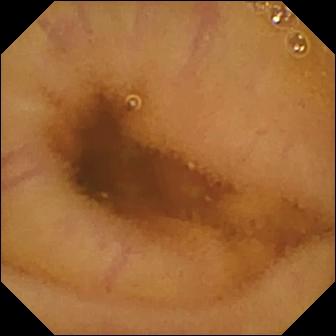- modality: video capsule endoscopy
- segment: small bowel
- category: luminal finding
- observation: normal clean mucosa